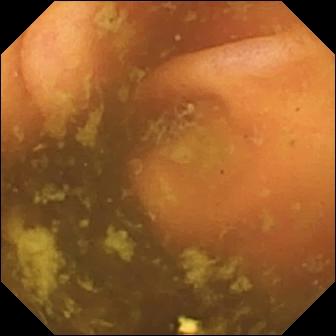This VCE still was taken in the ileo-cecal valve region.